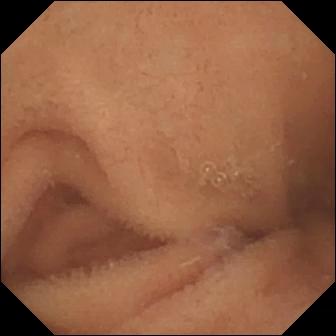PROCEDURE: VCE.
FINDINGS: Normal clean mucosa.